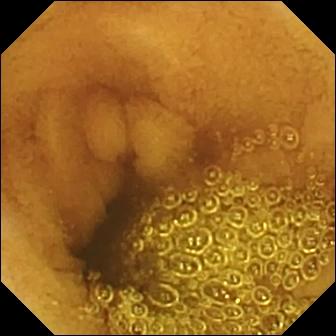Video capsule endoscopy. Observation: normal clean mucosa.